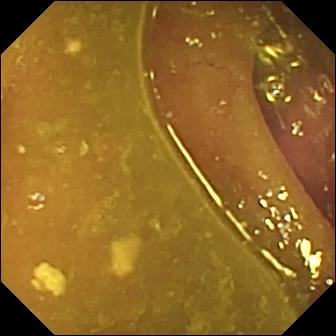Reduced mucosal view (content or bubbles obscuring the mucosa) (336×336).